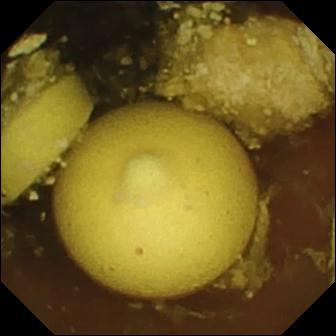This wireless capsule endoscopy still shows foreign body (e.g. retained capsule, tablet residue).